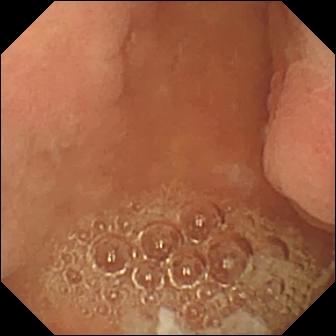modality: wireless capsule endoscopy | label: pylorus region